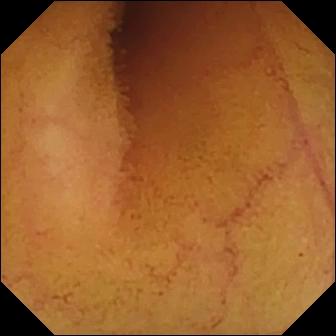Normal clean mucosa (336×336).